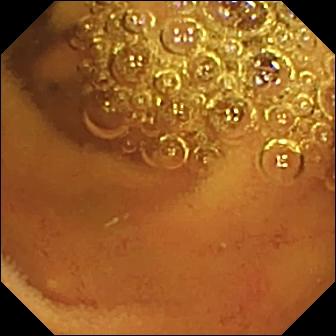WCE snapshot (small intestine). Normal clean mucosa.